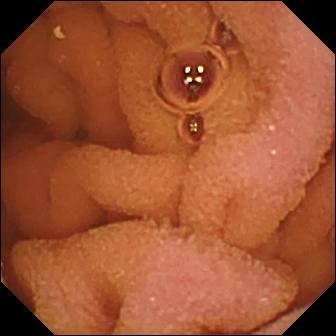WCE frame. Normal clean mucosa.